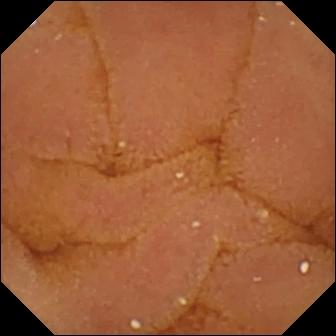modality: wireless capsule endoscopy
category: luminal finding
observation: normal clean mucosa